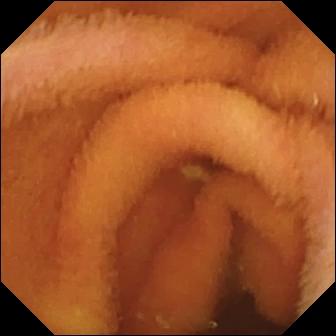{"modality": "wireless capsule endoscopy", "segment": "small bowel", "finding": "normal clean mucosa"}